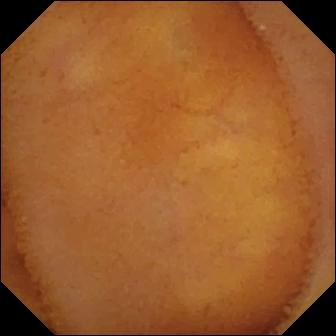Capsule endoscopy image of the small bowel showing normal clean mucosa.